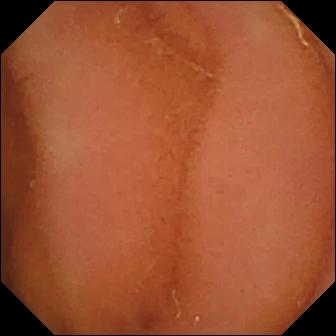VCE — normal clean mucosa.